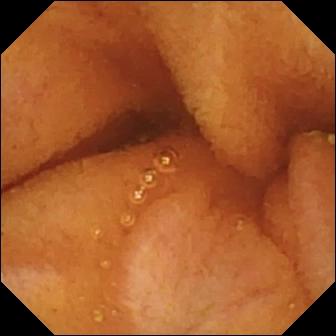- modality: video capsule endoscopy
- segment: small intestine
- finding: normal clean mucosa